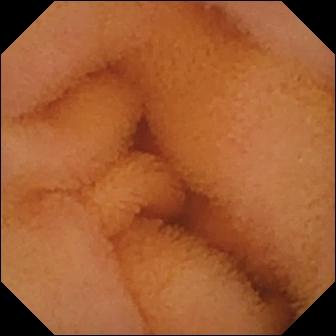Q: What does this video capsule endoscopy snapshot of the small bowel show?
A: Normal clean mucosa.